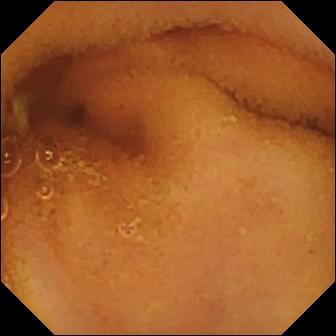Small-bowel capsule endoscopy image
Label: normal clean mucosa